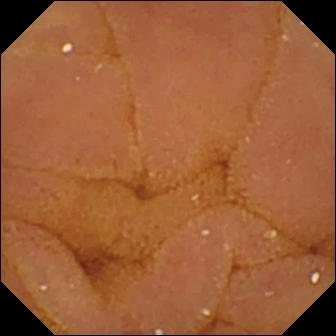PROCEDURE: Video capsule endoscopy.
FINDINGS: Normal clean mucosa.